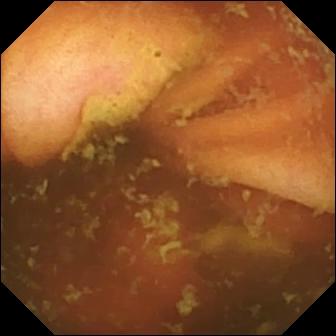Ileo-cecal valve region (where the capsule passes from the small bowel into the large bowel).